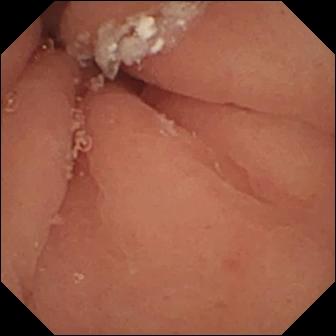Video capsule endoscopy image
Location: pylorus region (the junction between the stomach and the small bowel)